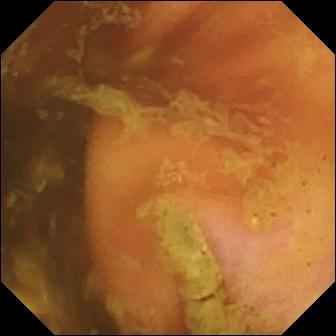This video capsule endoscopy snapshot was taken in the ileo-cecal valve region (where the capsule passes from the small bowel into the large bowel).